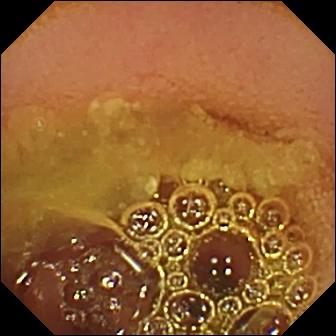Normal clean mucosa — VCE snapshot of the small bowel.